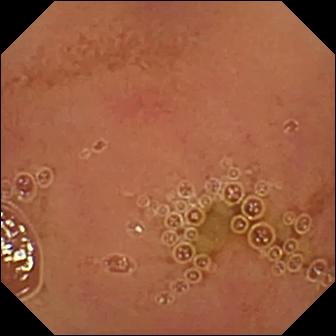{"modality": "WCE", "segment": "small intestine", "category": "luminal finding", "finding": "normal clean mucosa"}